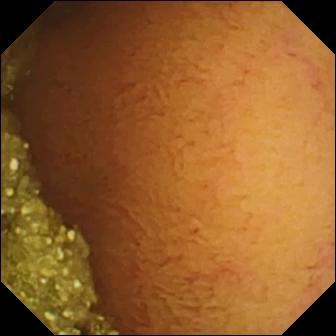Normal clean mucosa.